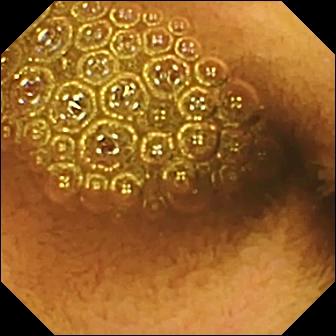{"modality": "small-bowel capsule endoscopy", "finding": "reduced mucosal view (content or bubbles obscuring the mucosa)"}